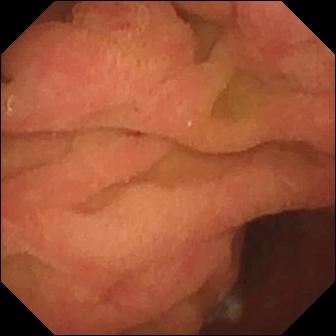VCE frame of the small bowel showing ampulla of Vater (major duodenal papilla).